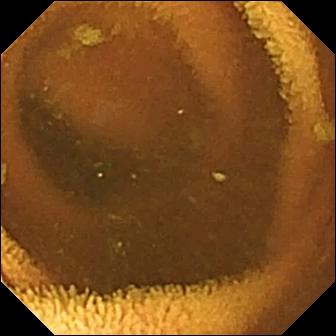Q: What does this VCE still of the small bowel show?
A: Normal clean mucosa.